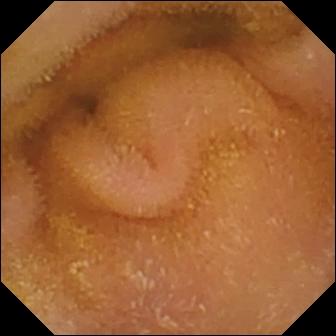- modality: VCE
- label: normal clean mucosa